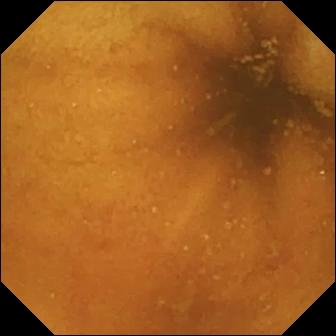Small-bowel capsule endoscopy still, small bowel
Finding: normal clean mucosa